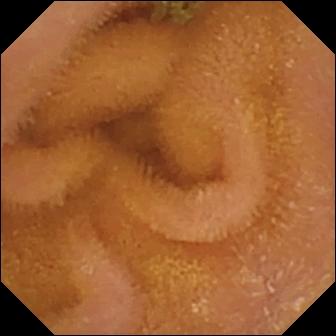VCE. Luminal finding. Observation: normal clean mucosa.